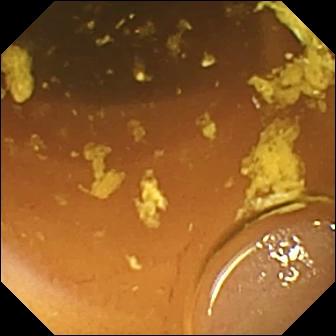modality: WCE
segment: small intestine
impression: normal clean mucosa